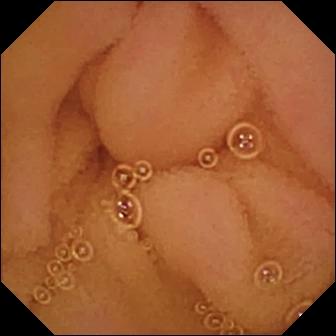modality: VCE
category: luminal finding
label: normal clean mucosa